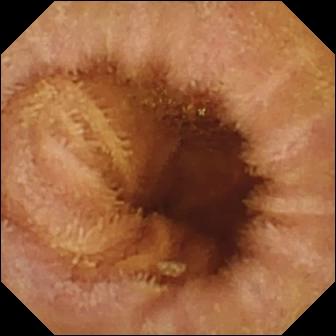modality: wireless capsule endoscopy
label: normal clean mucosa